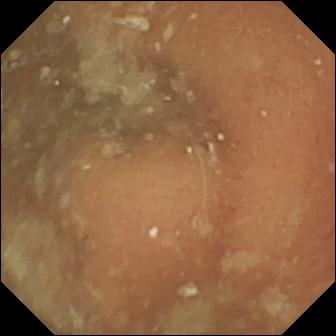modality: small-bowel capsule endoscopy | observation: normal clean mucosa